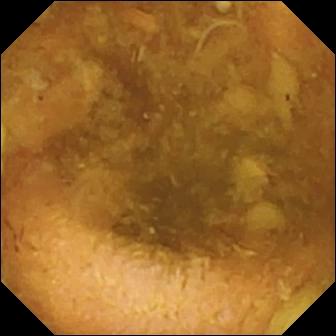- modality: small-bowel capsule endoscopy
- finding: reduced mucosal view (content or bubbles obscuring the mucosa)